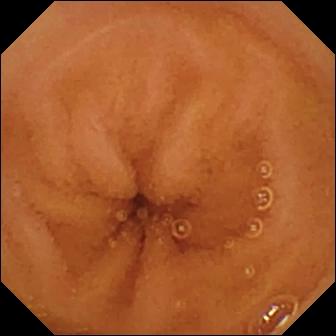modality: small-bowel capsule endoscopy
segment: small bowel
impression: normal clean mucosa